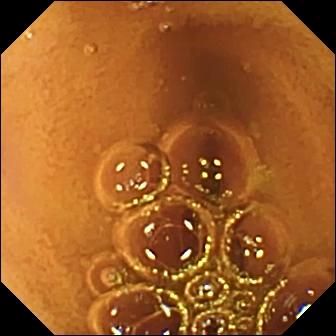Q: What does this VCE frame show?
A: Normal clean mucosa.